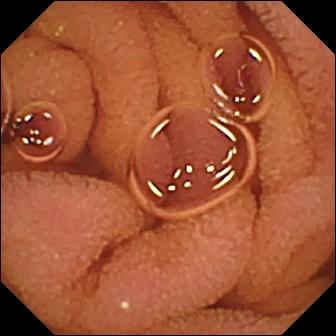Q: What does this small-bowel capsule endoscopy view show?
A: Normal clean mucosa.